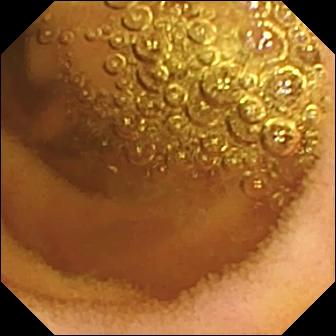Wireless capsule endoscopy image of the small bowel showing normal clean mucosa.